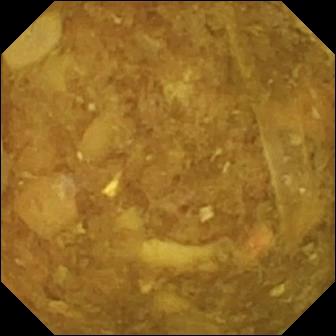- modality: VCE
- observation: reduced mucosal view (content or bubbles obscuring the mucosa)